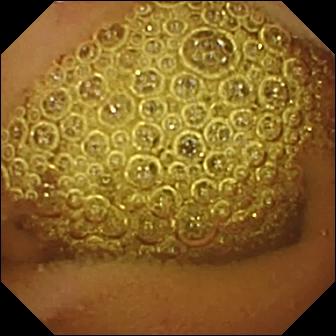VCE — normal clean mucosa.